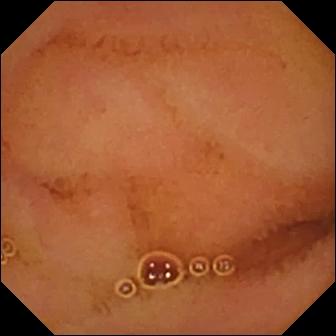{"modality": "WCE", "finding": "normal clean mucosa"}